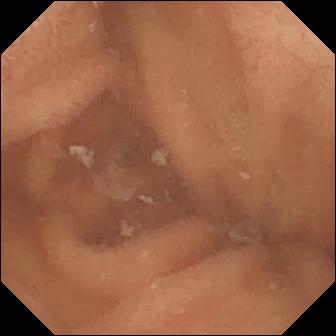This capsule endoscopy view of the small intestine shows normal clean mucosa.